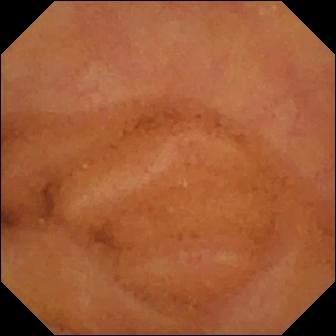modality: small-bowel capsule endoscopy; segment: small bowel; impression: normal clean mucosa